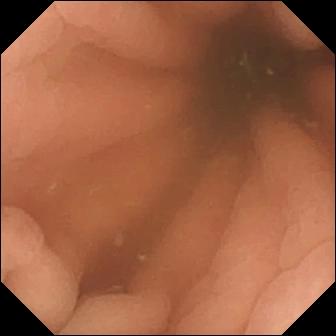modality: capsule endoscopy | category: anatomical landmark | label: pylorus region (the junction between the stomach and the small bowel)